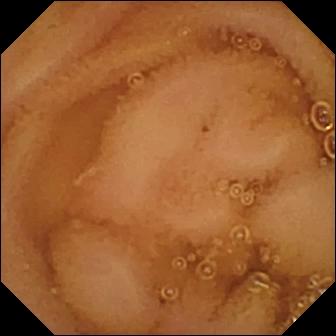PROCEDURE: Wireless capsule endoscopy.
SEGMENT: Small intestine.
FINDINGS: Normal clean mucosa.